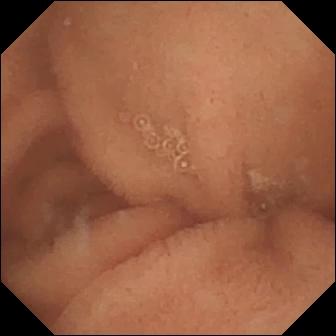WCE still
Observation: normal clean mucosa